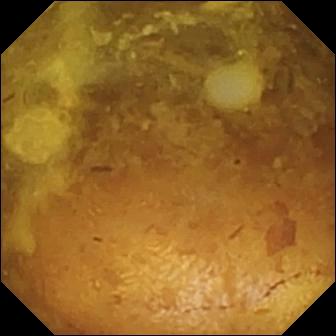This small-bowel capsule endoscopy view shows reduced mucosal view (content or bubbles obscuring the mucosa).